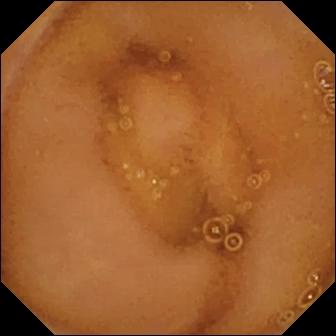Q: What does this small-bowel capsule endoscopy snapshot of the small bowel show?
A: Normal clean mucosa.